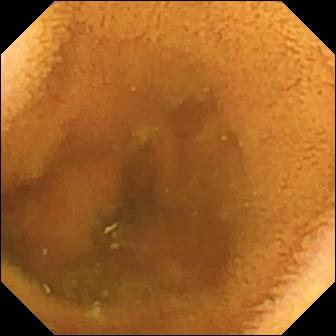This VCE frame shows normal clean mucosa.